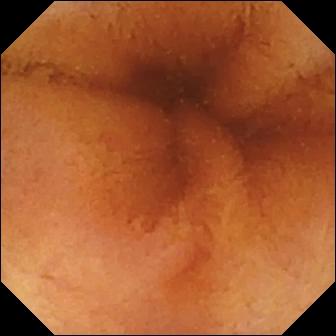Normal clean mucosa — WCE image of the small intestine.